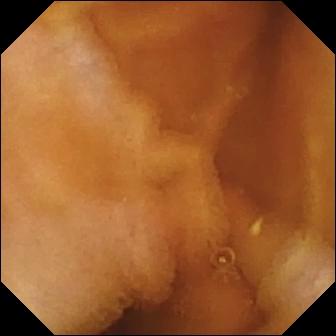Video capsule endoscopy snapshot of the small intestine showing normal clean mucosa.